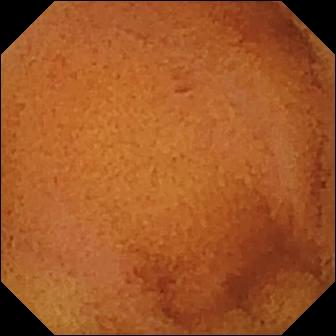This small-bowel capsule endoscopy snapshot of the small intestine shows normal clean mucosa.